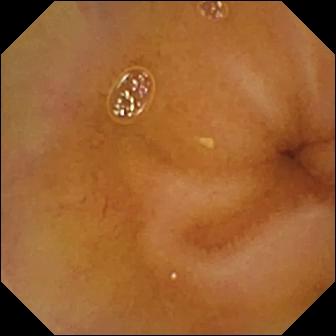WCE still
Finding: normal clean mucosa